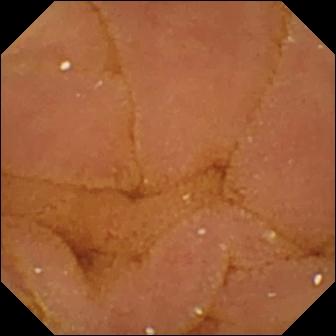Wireless capsule endoscopy — normal clean mucosa.